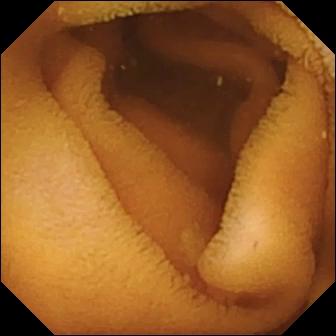modality: WCE | category: luminal finding | observation: normal clean mucosa